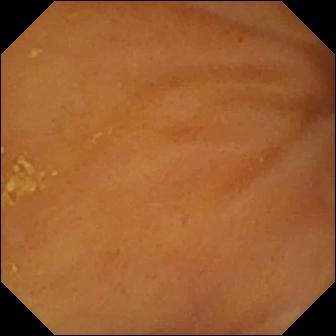Q: Where in the digestive tract was this WCE snapshot taken?
A: Ileo-cecal valve region (where the capsule passes from the small bowel into the large bowel).